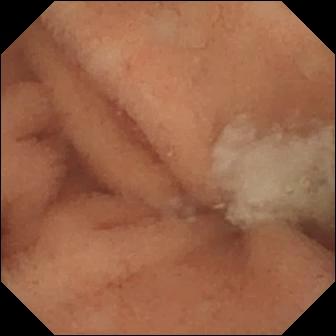Q: What does this small-bowel capsule endoscopy snapshot show?
A: Normal clean mucosa.